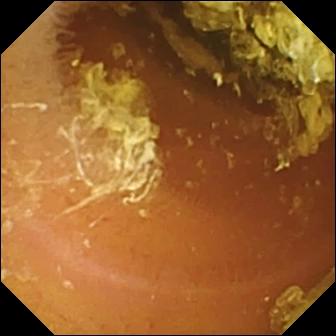Q: What does this VCE still show?
A: Normal clean mucosa.